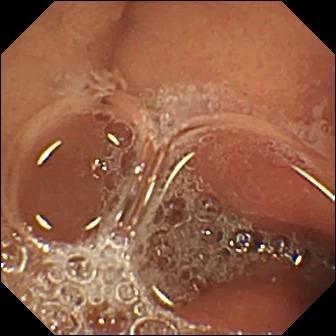modality: wireless capsule endoscopy
label: erosion